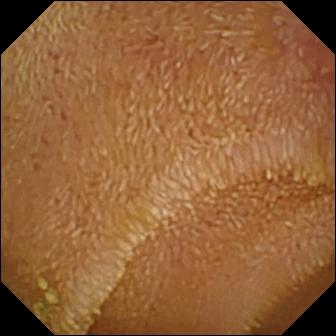Q: What does this WCE view show?
A: Erosion.